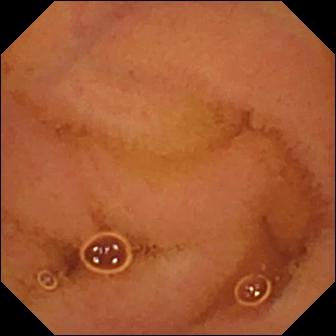Video capsule endoscopy snapshot, small intestine
Finding: normal clean mucosa